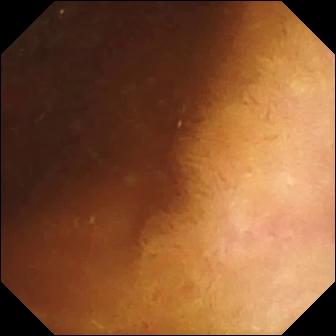Small-bowel capsule endoscopy frame of the small bowel showing normal clean mucosa.